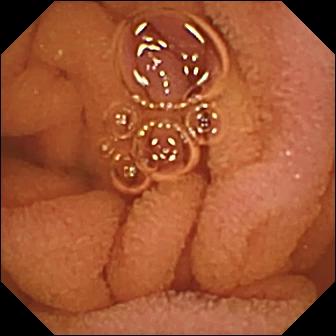- modality: small-bowel capsule endoscopy
- category: luminal finding
- impression: normal clean mucosa